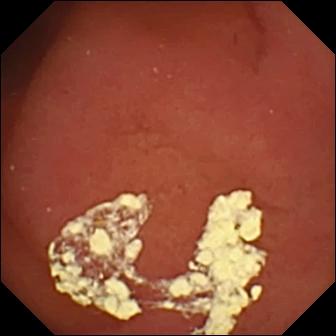Capsule endoscopy still taken in the pylorus region (where the capsule passes from the stomach into the small bowel).